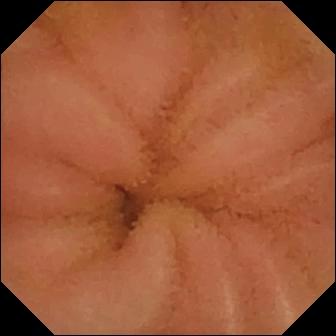PROCEDURE: Small-bowel capsule endoscopy.
FINDINGS: Normal clean mucosa.